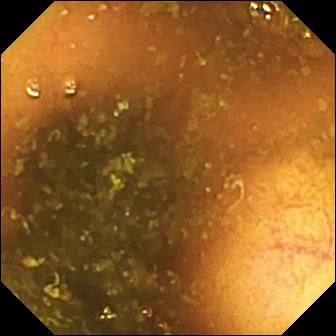Capsule endoscopy. Near an anatomical landmark. Position: ileo-cecal valve region (the transition from the small bowel to the large bowel).